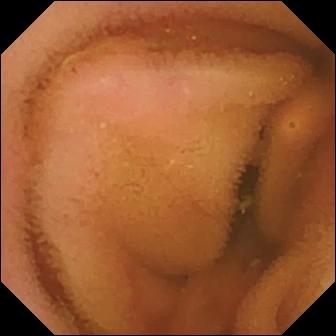modality: capsule endoscopy; label: normal clean mucosa